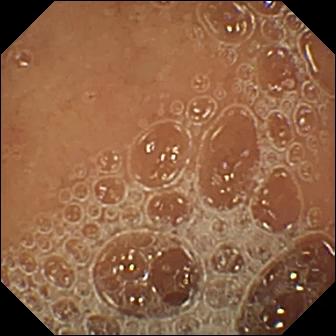WCE still showing normal clean mucosa.